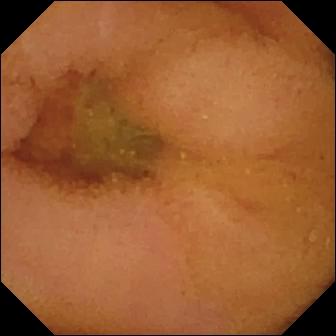Small-bowel capsule endoscopy. Small bowel. Impression: normal clean mucosa.